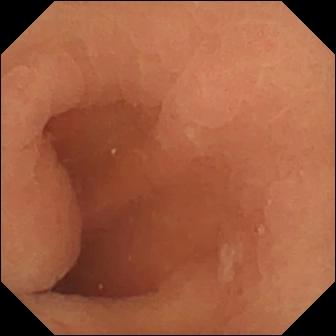- modality: capsule endoscopy
- label: normal clean mucosa